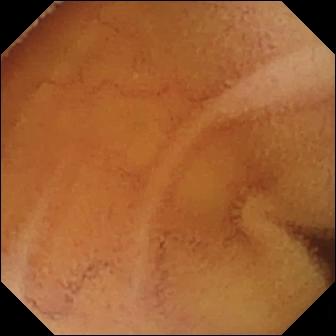This wireless capsule endoscopy frame of the small intestine shows normal clean mucosa.